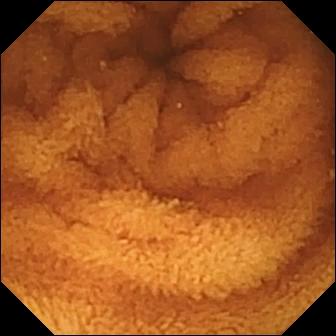Q: What does this video capsule endoscopy image of the small bowel show?
A: Normal clean mucosa.